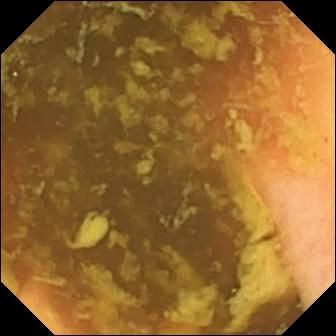Ileo-cecal valve region (where the capsule passes from the small bowel into the large bowel), 336×336.